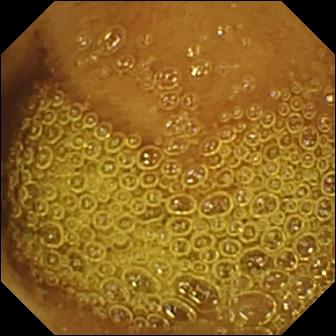- modality: small-bowel capsule endoscopy
- segment: small bowel
- category: luminal finding
- observation: normal clean mucosa